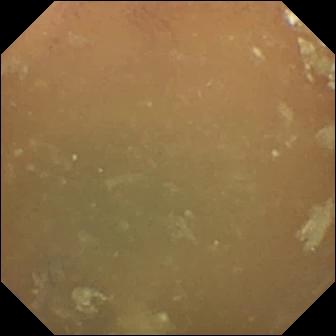PROCEDURE: Wireless capsule endoscopy.
SEGMENT: Small bowel.
FINDINGS: Normal clean mucosa.